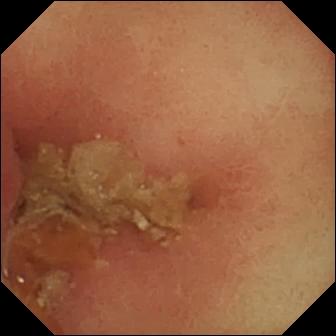Wireless capsule endoscopy image taken in the pylorus region.